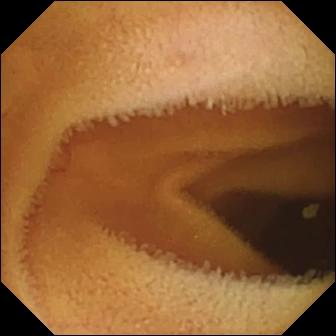This small-bowel capsule endoscopy snapshot shows normal clean mucosa.